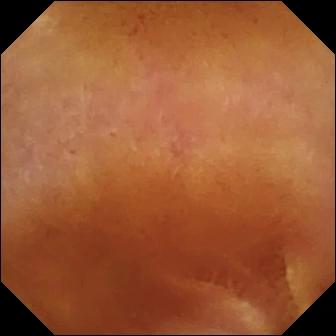Q: What does this capsule endoscopy still show?
A: Normal clean mucosa.